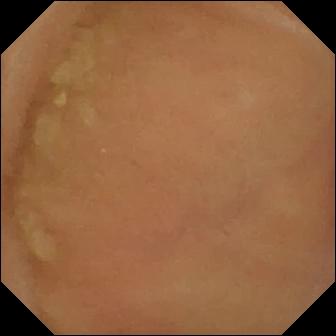- modality: WCE
- segment: small intestine
- label: normal clean mucosa